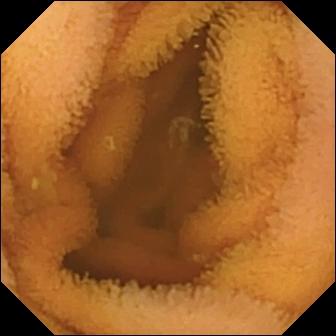PROCEDURE: Wireless capsule endoscopy.
FINDINGS: Normal clean mucosa.